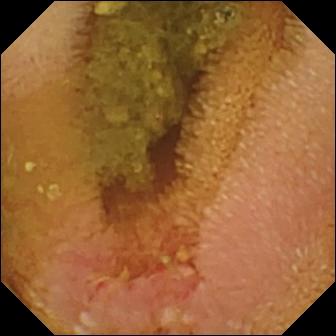Capsule endoscopy still. Erosion.